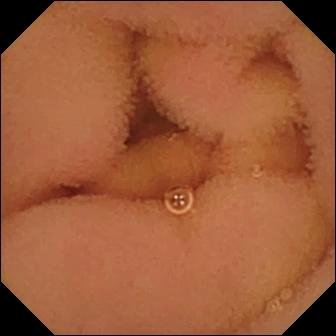Normal clean mucosa — small-bowel capsule endoscopy still of the small intestine.